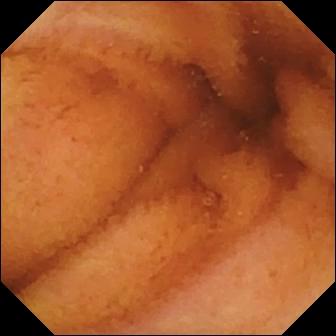modality: small-bowel capsule endoscopy; category: luminal finding; finding: normal clean mucosa